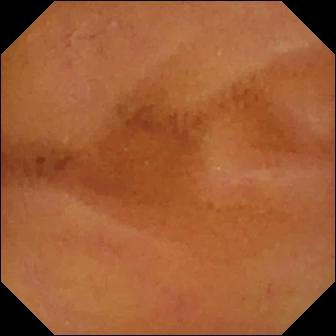Normal clean mucosa.